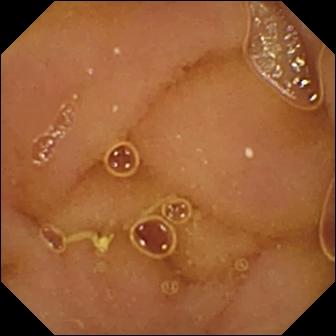Wireless capsule endoscopy image, 336×336. Normal clean mucosa.